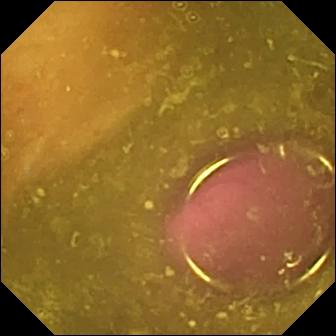Video capsule endoscopy frame showing reduced mucosal view (content or bubbles obscuring the mucosa).